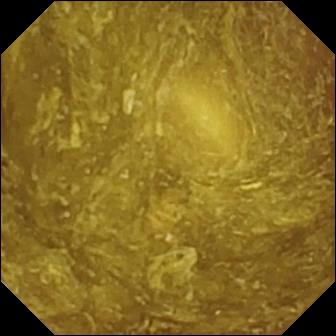Q: What does this capsule endoscopy snapshot of the small bowel show?
A: Reduced mucosal view (content or bubbles obscuring the mucosa).